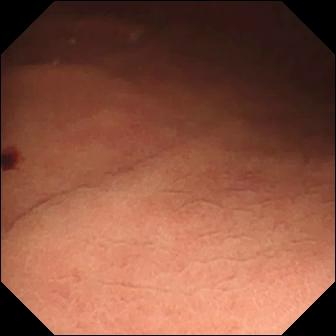Capsule endoscopy frame. Angiectasia.